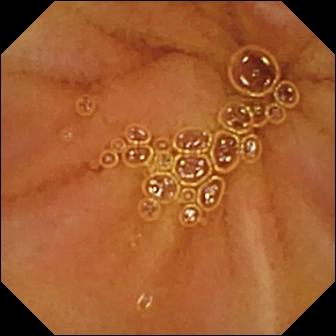modality: wireless capsule endoscopy | impression: normal clean mucosa